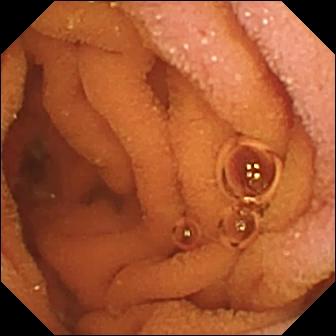modality: VCE
segment: small intestine
finding: normal clean mucosa